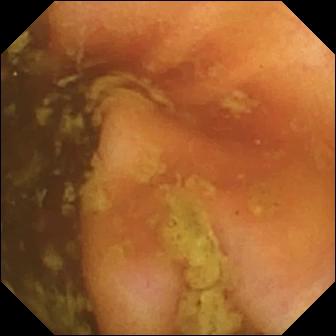Small-bowel capsule endoscopy still. Taken in the ileo-cecal valve region (the transition from the small bowel to the large bowel).